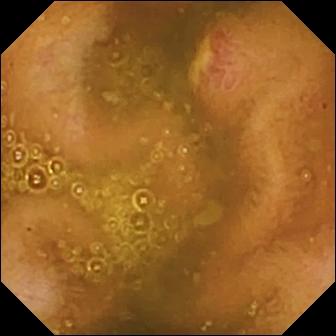PROCEDURE: Video capsule endoscopy.
FINDINGS: Ulcer.